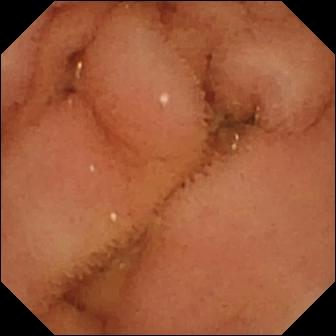modality: video capsule endoscopy | segment: small bowel | observation: normal clean mucosa